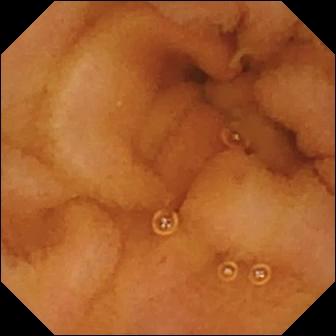Capsule endoscopy still. Normal clean mucosa.